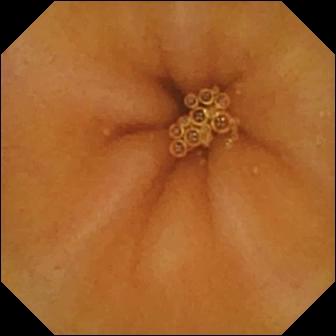PROCEDURE: WCE.
SEGMENT: Small intestine.
FINDINGS: Normal clean mucosa.